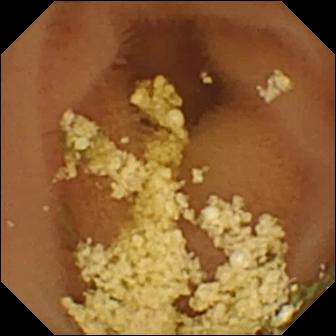Normal clean mucosa — capsule endoscopy view.